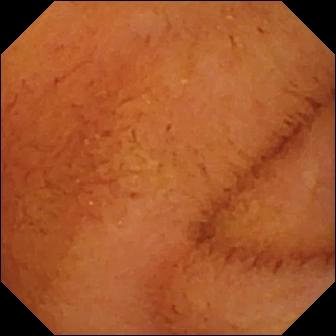This small-bowel capsule endoscopy frame of the small intestine shows normal clean mucosa.